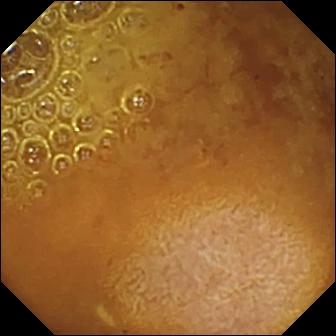modality: video capsule endoscopy; segment: small intestine; finding: reduced mucosal view (content or bubbles obscuring the mucosa)